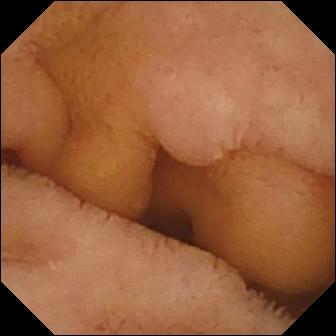Capsule endoscopy image showing normal clean mucosa.